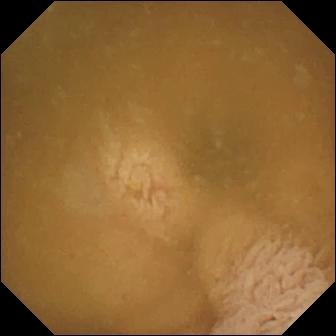modality: capsule endoscopy
category: anatomical landmark
location: ileo-cecal valve region (where the capsule passes from the small bowel into the large bowel)